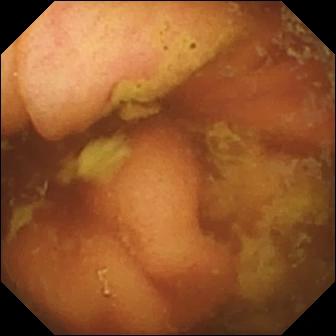Ileo-cecal valve region (the transition from the small bowel to the large bowel) — capsule endoscopy snapshot.